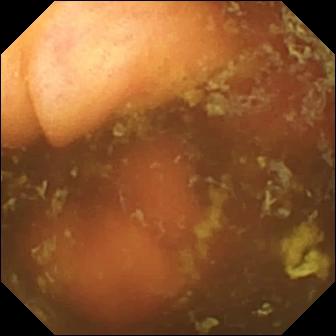- modality: VCE
- category: anatomical landmark
- location: ileo-cecal valve region (the transition from the small bowel to the large bowel)